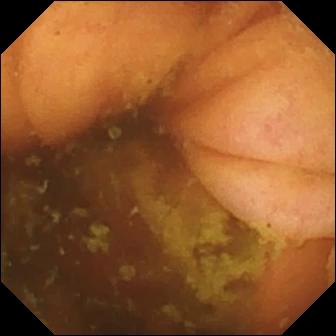Ileo-cecal valve region (the transition from the small bowel to the large bowel).